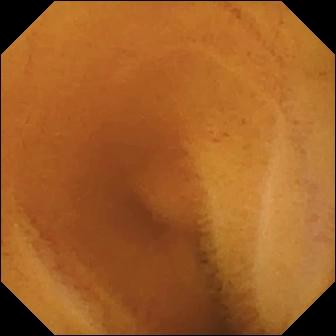- modality: wireless capsule endoscopy
- category: luminal finding
- label: normal clean mucosa